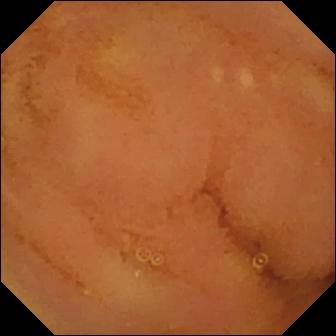{"modality": "wireless capsule endoscopy", "category": "luminal finding", "finding": "normal clean mucosa"}